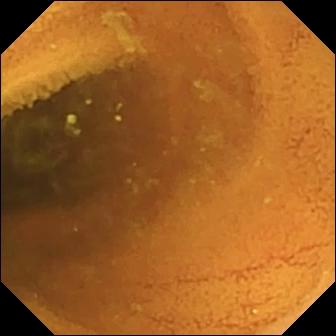PROCEDURE: Capsule endoscopy.
FINDINGS: Normal clean mucosa.